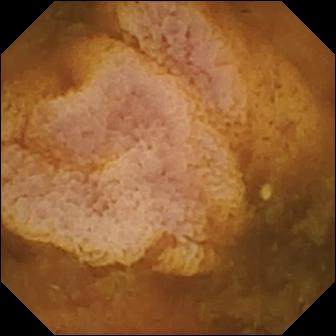Q: What does this small-bowel capsule endoscopy frame show?
A: Reduced mucosal view (content or bubbles obscuring the mucosa).